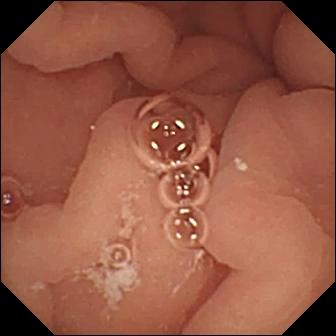WCE snapshot
Video segment: pylorus region (the junction between the stomach and the small bowel)